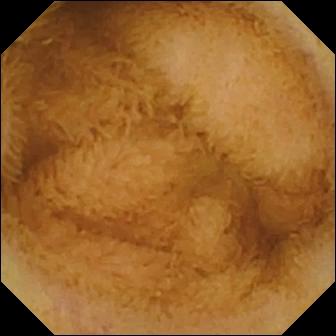PROCEDURE: Capsule endoscopy.
FINDINGS: Normal clean mucosa.